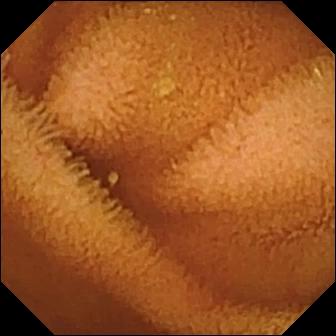Capsule endoscopy still showing normal clean mucosa.